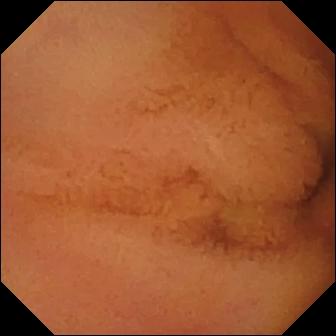This VCE view of the small intestine shows normal clean mucosa.